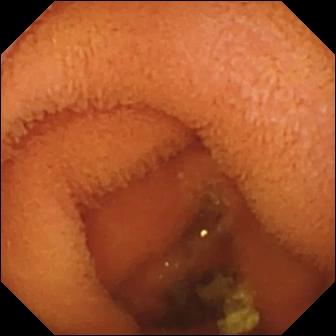PROCEDURE: Capsule endoscopy.
FINDINGS: Normal clean mucosa.